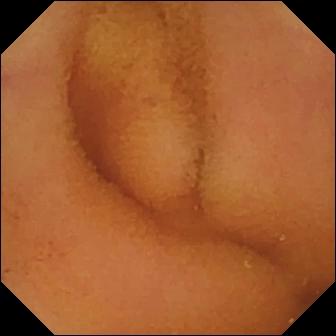Normal clean mucosa.